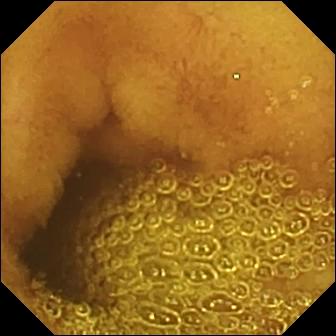Wireless capsule endoscopy view
Impression: normal clean mucosa